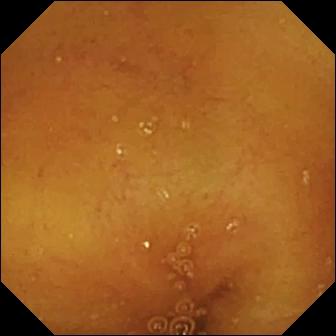{"modality": "capsule endoscopy", "category": "luminal finding", "finding": "normal clean mucosa"}